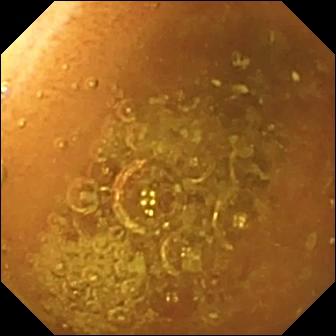PROCEDURE: Capsule endoscopy.
SEGMENT: Small bowel.
FINDINGS: Normal clean mucosa.